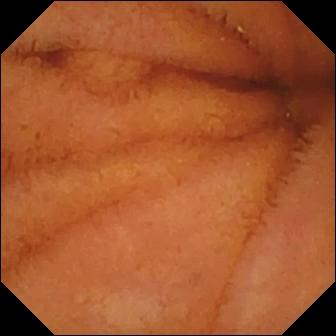Small-bowel capsule endoscopy view of the small intestine showing normal clean mucosa.